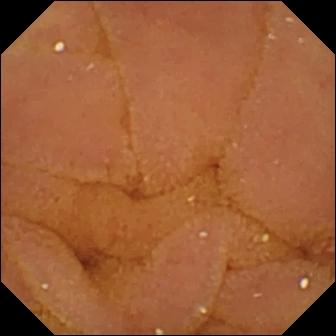modality: WCE; segment: small intestine; finding: normal clean mucosa